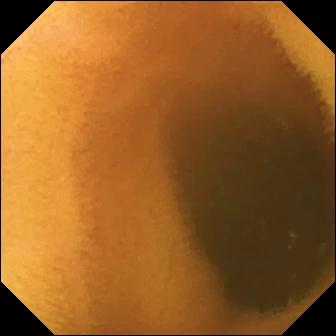modality: VCE; segment: small bowel; label: normal clean mucosa